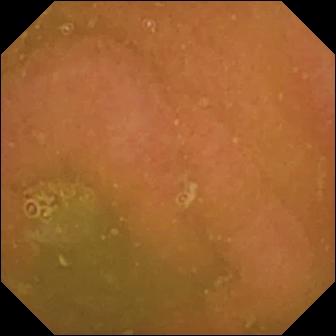Normal clean mucosa.